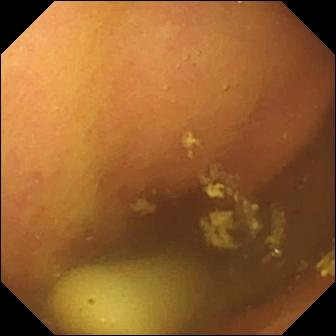Wireless capsule endoscopy still showing foreign body (e.g. retained capsule, tablet residue).